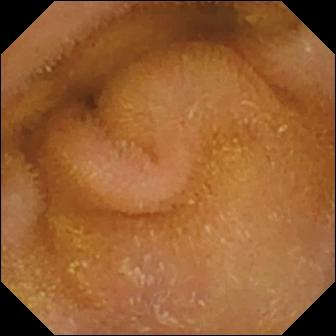Normal clean mucosa.